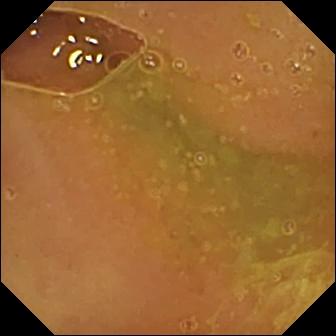Normal clean mucosa.